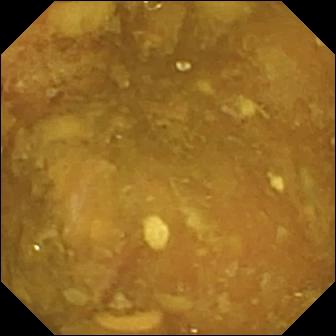Small-bowel capsule endoscopy image (small intestine), 336×336. Reduced mucosal view (content or bubbles obscuring the mucosa).